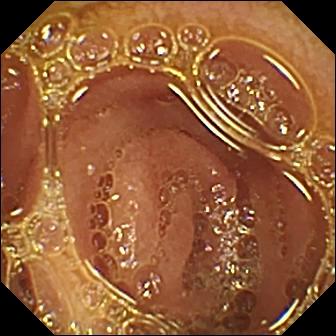- modality: wireless capsule endoscopy
- observation: normal clean mucosa